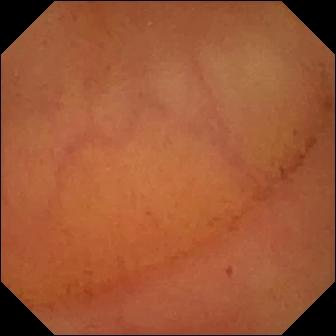- modality: wireless capsule endoscopy
- segment: small intestine
- label: normal clean mucosa